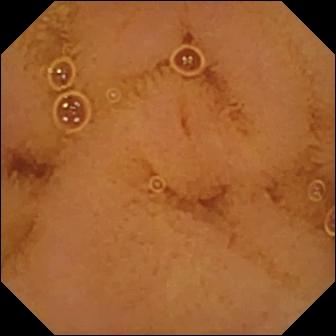Normal clean mucosa — small-bowel capsule endoscopy frame of the small intestine.